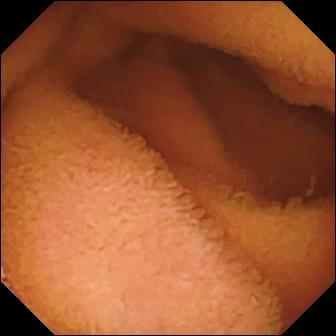Small-bowel capsule endoscopy still showing normal clean mucosa.